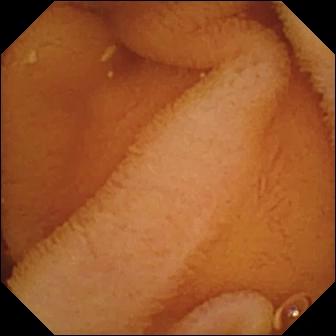Normal clean mucosa.